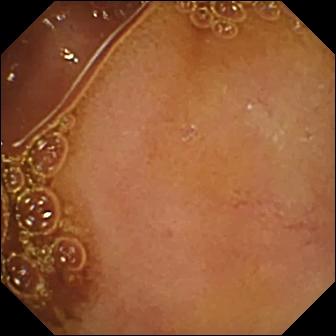Normal clean mucosa.